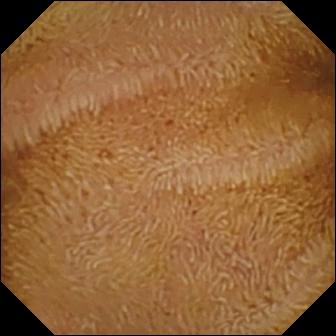modality: video capsule endoscopy | segment: small intestine | finding: normal clean mucosa